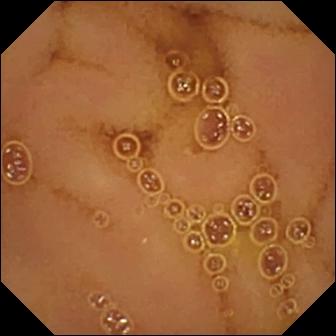Normal clean mucosa.